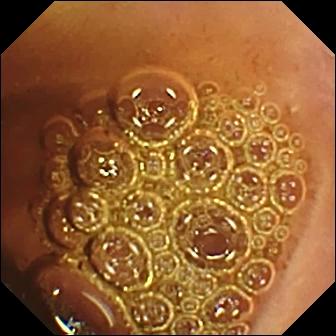VCE. Luminal finding. Finding: normal clean mucosa.